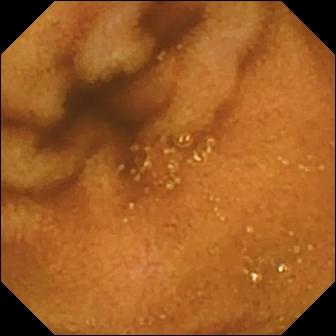This capsule endoscopy view shows normal clean mucosa.